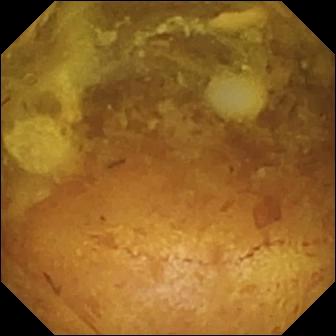Capsule endoscopy snapshot
Finding: reduced mucosal view (content or bubbles obscuring the mucosa)